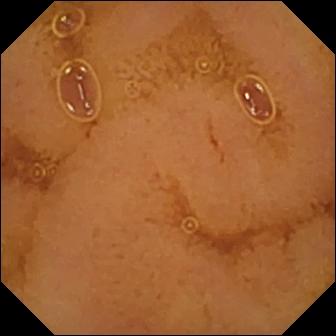Wireless capsule endoscopy image showing normal clean mucosa.